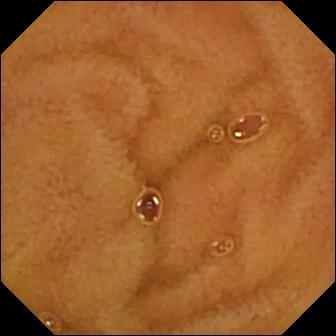Small-bowel capsule endoscopy view of the small bowel showing normal clean mucosa.